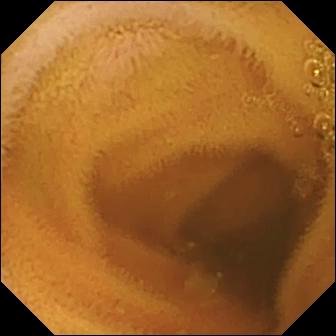VCE snapshot (small intestine), 336×336. Normal clean mucosa.